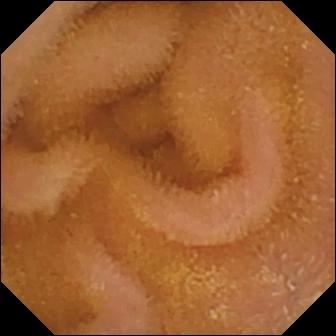Video capsule endoscopy — normal clean mucosa.